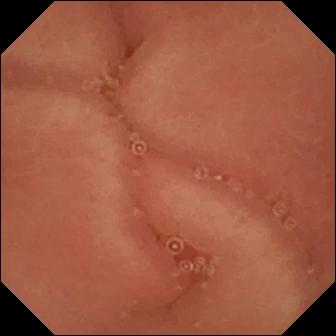Pylorus region — video capsule endoscopy view.